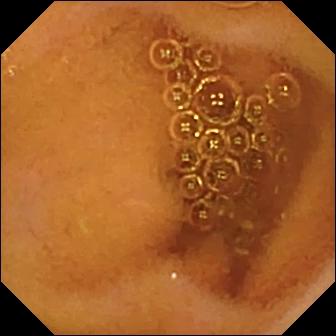- modality: WCE
- category: luminal finding
- finding: normal clean mucosa